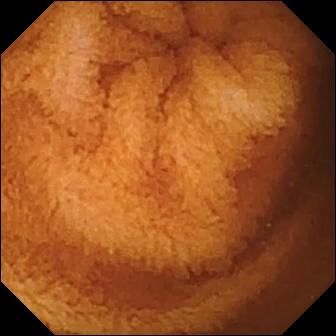Q: What does this video capsule endoscopy image show?
A: Normal clean mucosa.